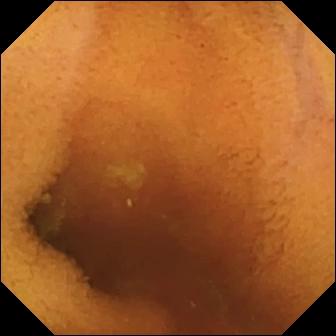Q: What does this capsule endoscopy frame of the small intestine show?
A: Normal clean mucosa.